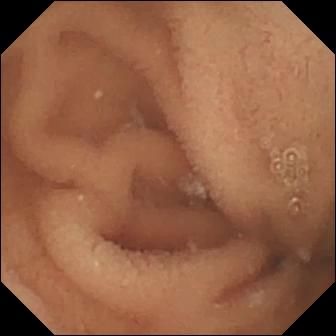This wireless capsule endoscopy still shows normal clean mucosa.